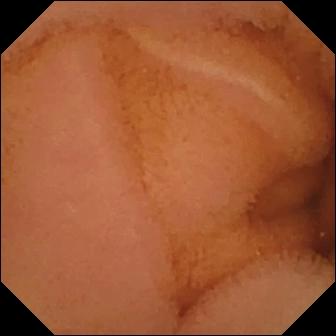VCE. Small bowel. Luminal finding. Impression: normal clean mucosa.